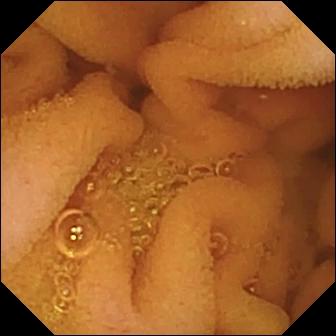Wireless capsule endoscopy snapshot, small bowel
Label: normal clean mucosa